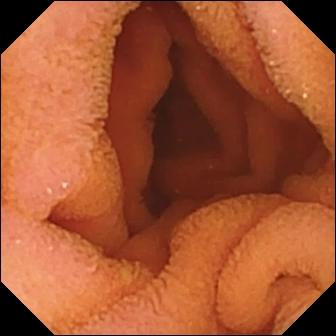Wireless capsule endoscopy. Finding: normal clean mucosa.